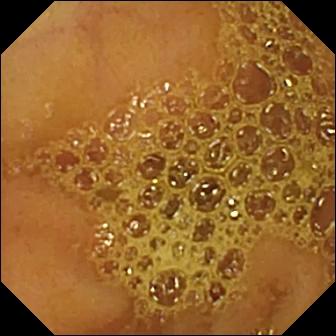modality: capsule endoscopy
label: ileo-cecal valve region (where the capsule passes from the small bowel into the large bowel)